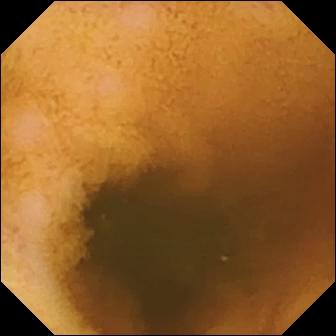{"modality": "small-bowel capsule endoscopy", "segment": "small bowel", "finding": "normal clean mucosa"}